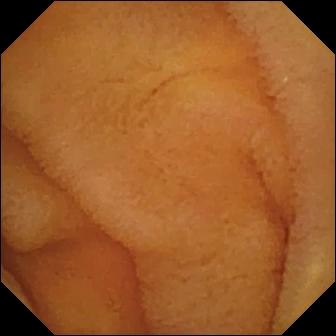Normal clean mucosa (336×336).